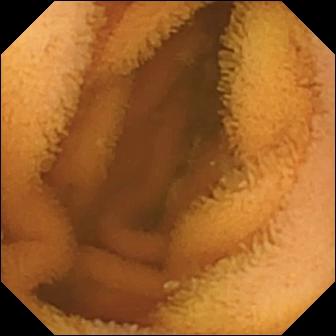Capsule endoscopy — normal clean mucosa.